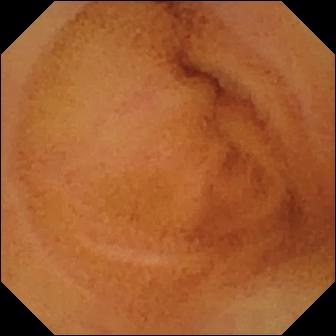This small-bowel capsule endoscopy snapshot of the small bowel shows normal clean mucosa.